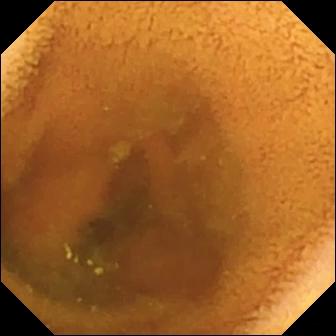PROCEDURE: Small-bowel capsule endoscopy.
SEGMENT: Small intestine.
FINDINGS: Normal clean mucosa.